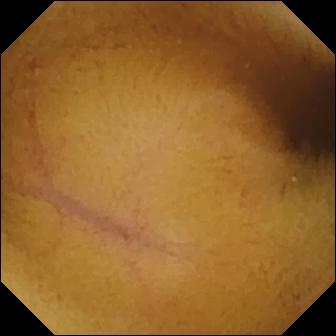- modality: VCE
- segment: small intestine
- category: luminal finding
- label: normal clean mucosa